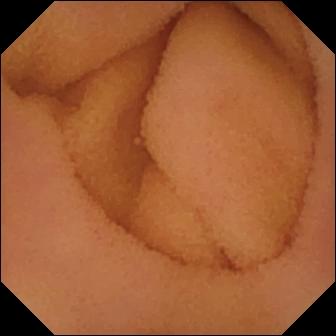{"modality": "capsule endoscopy", "segment": "small bowel", "finding": "normal clean mucosa"}